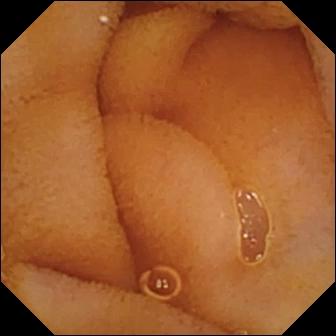Small-bowel capsule endoscopy. Small intestine. Finding: normal clean mucosa.